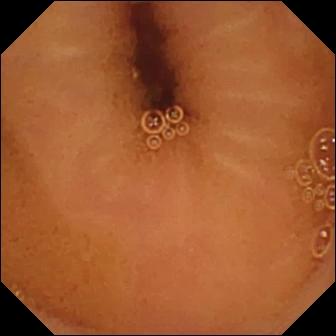modality: VCE | category: luminal finding | finding: normal clean mucosa